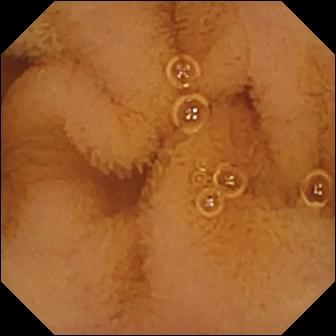{"modality": "video capsule endoscopy", "finding": "normal clean mucosa"}